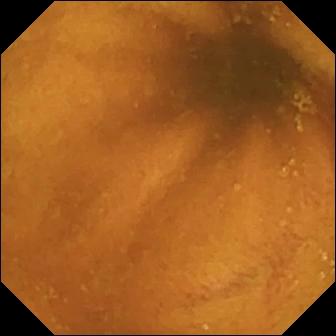- modality: wireless capsule endoscopy
- label: normal clean mucosa